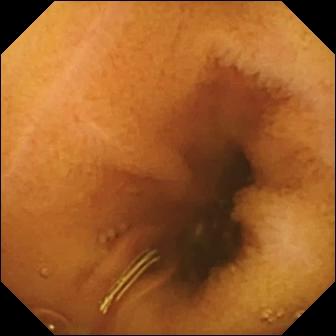Q: What does this WCE view of the small bowel show?
A: Normal clean mucosa.